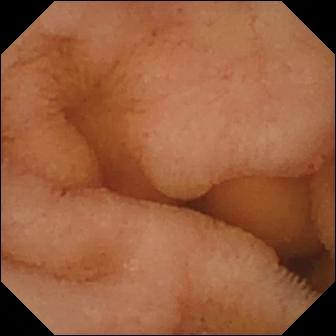Normal clean mucosa.